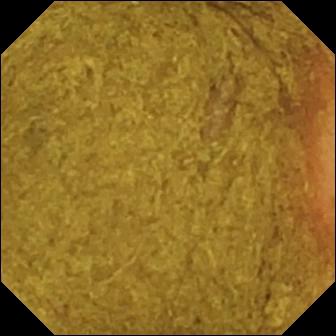PROCEDURE: VCE.
VIDEO SEGMENT: Ileo-cecal valve region.